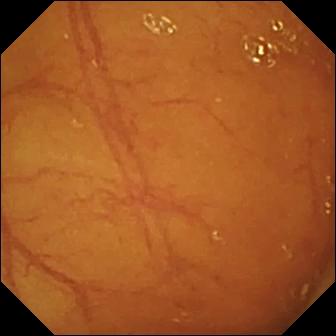Small-bowel capsule endoscopy. Label: ileo-cecal valve region (the transition from the small bowel to the large bowel).